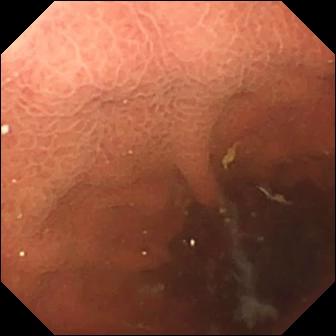Q: Where in the digestive tract was this capsule endoscopy view taken?
A: Pylorus region.